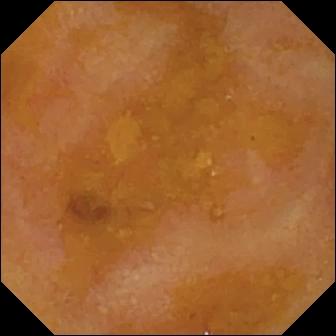- modality: small-bowel capsule endoscopy
- segment: small intestine
- finding: reduced mucosal view (content or bubbles obscuring the mucosa)